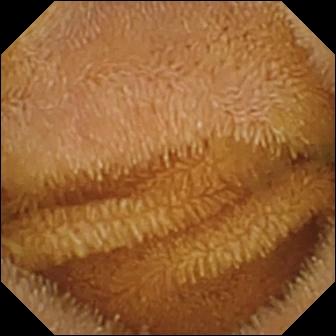Q: What does this capsule endoscopy image show?
A: Normal clean mucosa.